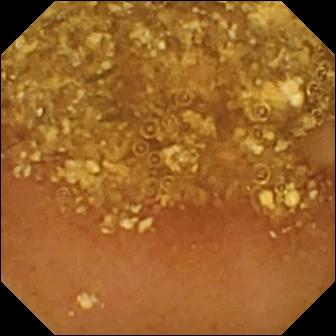{"modality": "VCE", "segment": "small bowel", "finding": "reduced mucosal view (content or bubbles obscuring the mucosa)"}